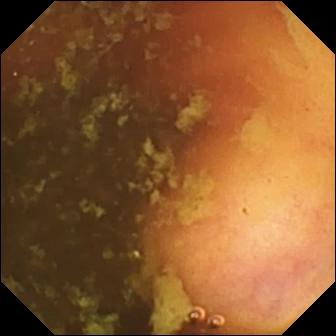PROCEDURE: Video capsule endoscopy.
POSITION: Ileo-cecal valve region.